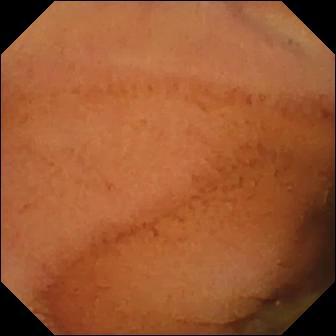PROCEDURE: Video capsule endoscopy.
FINDINGS: Normal clean mucosa.